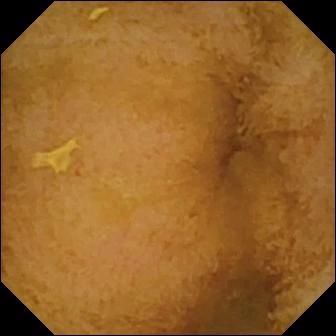Video capsule endoscopy frame showing normal clean mucosa.